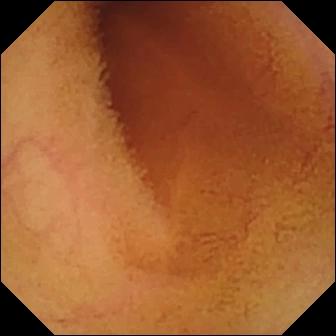Normal clean mucosa (336×336).